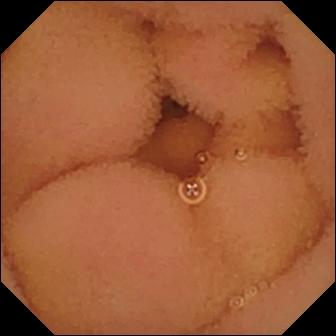WCE. Impression: normal clean mucosa.